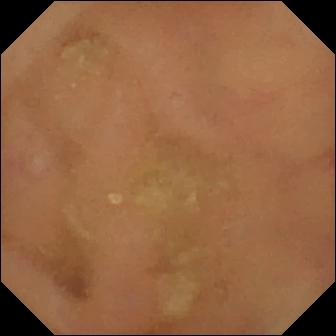Video capsule endoscopy — normal clean mucosa.